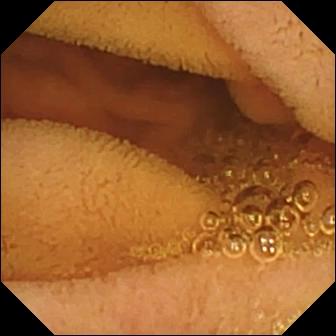{"modality": "WCE", "finding": "normal clean mucosa"}